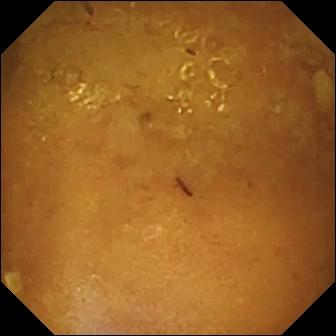Capsule endoscopy image. Reduced mucosal view (content or bubbles obscuring the mucosa).